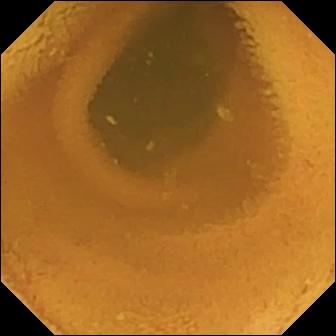WCE — normal clean mucosa.